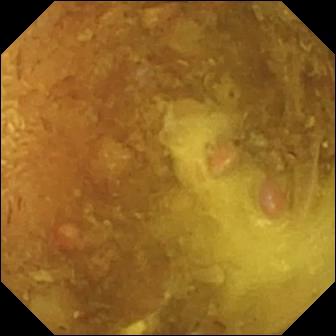WCE. Finding: reduced mucosal view (content or bubbles obscuring the mucosa).